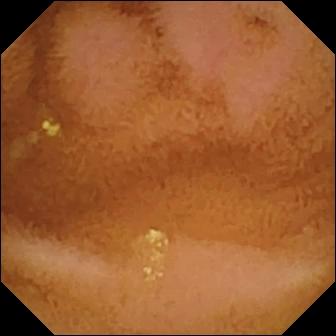Capsule endoscopy image (small intestine). Normal clean mucosa.